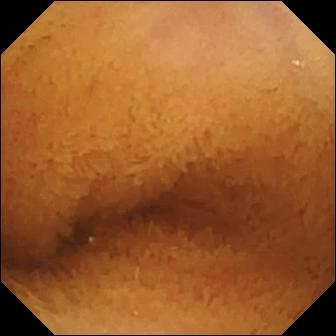PROCEDURE: Video capsule endoscopy.
FINDINGS: Normal clean mucosa.